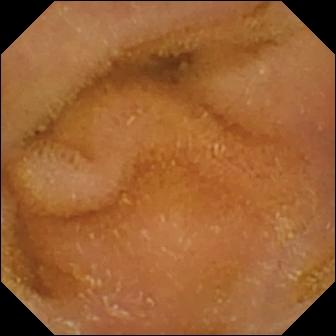modality: small-bowel capsule endoscopy
impression: normal clean mucosa